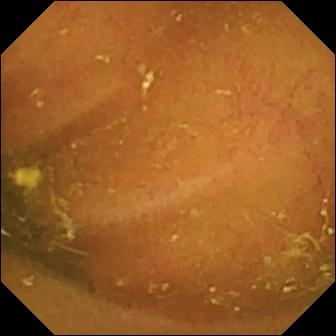Ileo-cecal valve region — VCE image.